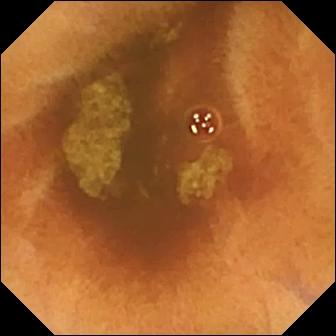modality: video capsule endoscopy | segment: small intestine | observation: normal clean mucosa